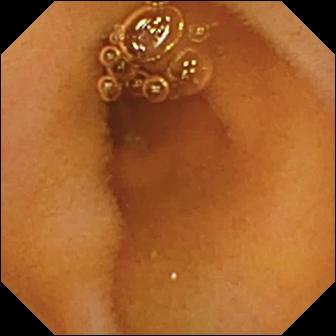Q: What does this video capsule endoscopy snapshot show?
A: Normal clean mucosa.